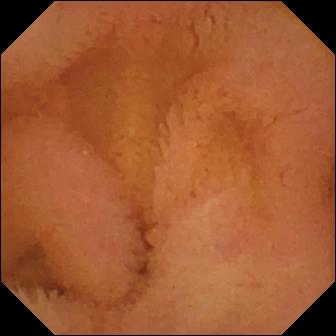Normal clean mucosa (336×336).